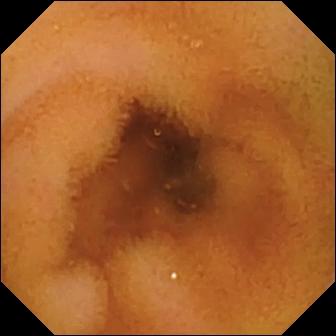WCE frame showing normal clean mucosa.